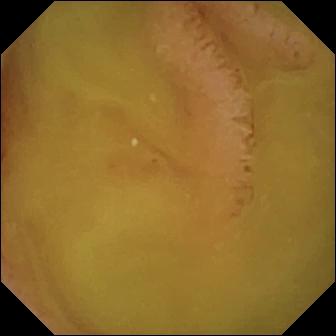Normal clean mucosa — capsule endoscopy snapshot.